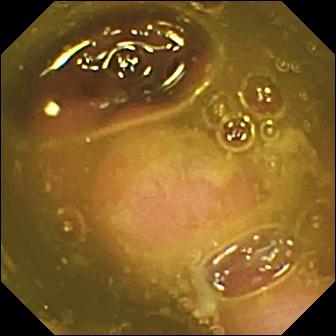- modality: WCE
- position: ileo-cecal valve region (the transition from the small bowel to the large bowel)